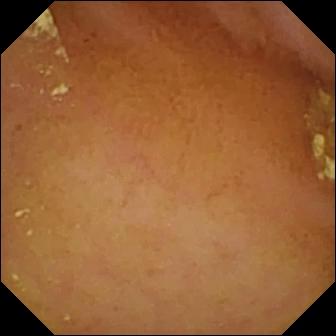Capsule endoscopy frame (small intestine). Normal clean mucosa.